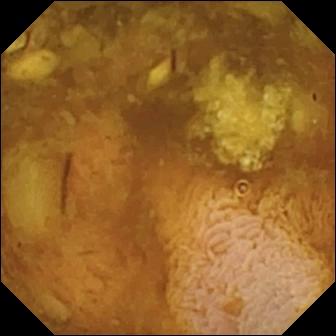VCE frame of the small intestine showing reduced mucosal view (content or bubbles obscuring the mucosa).